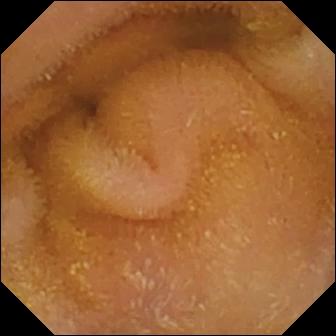{"modality": "wireless capsule endoscopy", "category": "luminal finding", "finding": "normal clean mucosa"}